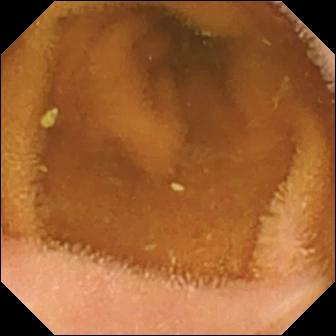PROCEDURE: WCE.
SEGMENT: Small intestine.
FINDINGS: Normal clean mucosa.